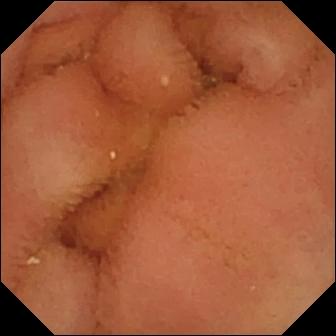Wireless capsule endoscopy still showing normal clean mucosa.